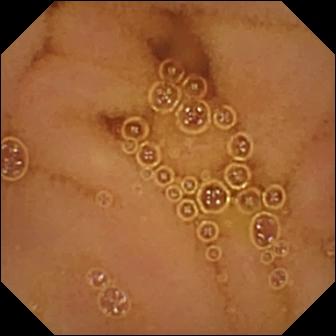{"modality": "capsule endoscopy", "segment": "small bowel", "finding": "normal clean mucosa"}